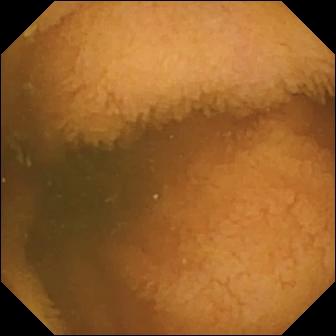PROCEDURE: Wireless capsule endoscopy.
SEGMENT: Small intestine.
FINDINGS: Normal clean mucosa.